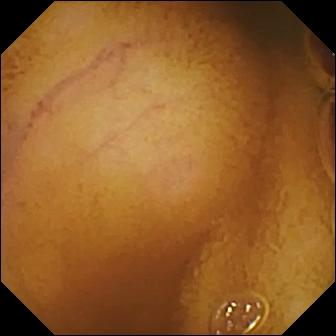Normal clean mucosa.